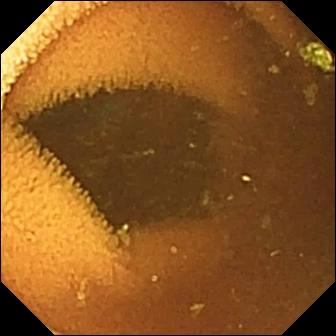PROCEDURE: WCE.
SEGMENT: Small bowel.
FINDINGS: Normal clean mucosa.